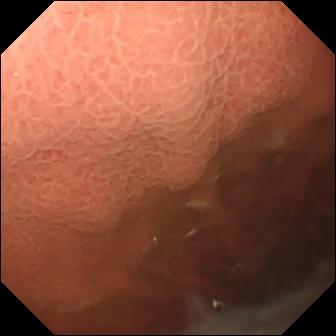This VCE frame was taken in the pylorus region (where the capsule passes from the stomach into the small bowel).